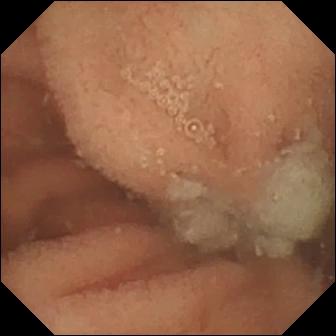This capsule endoscopy frame shows normal clean mucosa.